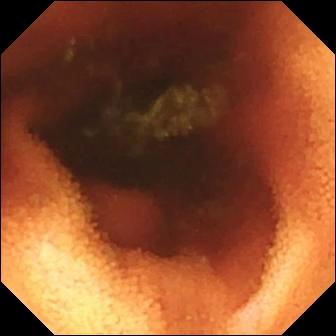Capsule endoscopy — ileo-cecal valve region.